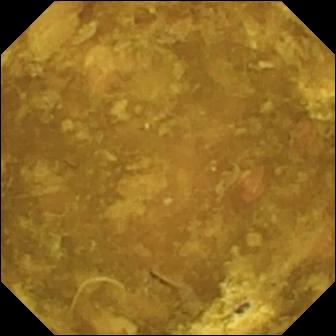{"modality": "wireless capsule endoscopy", "category": "luminal finding", "finding": "reduced mucosal view (content or bubbles obscuring the mucosa)"}